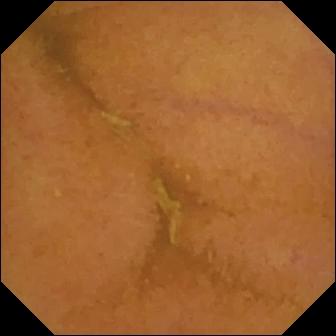- modality: video capsule endoscopy
- category: luminal finding
- impression: normal clean mucosa